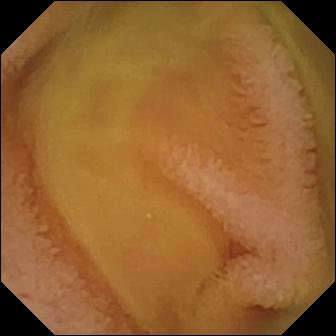Capsule endoscopy. Small intestine. Impression: normal clean mucosa.